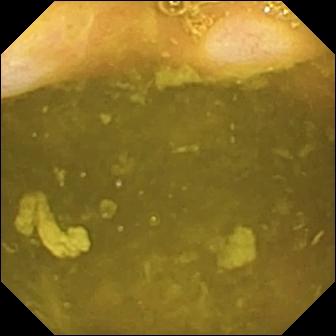Small-bowel capsule endoscopy image
Video segment: ileo-cecal valve region (the transition from the small bowel to the large bowel)